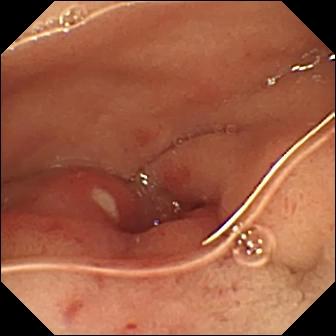Wireless capsule endoscopy frame
Impression: ulcer